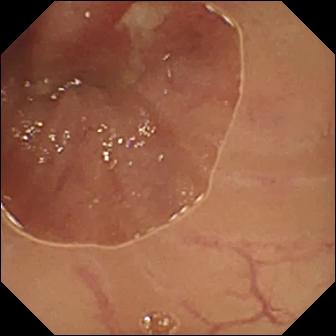Small-bowel capsule endoscopy image
Finding: ulcer